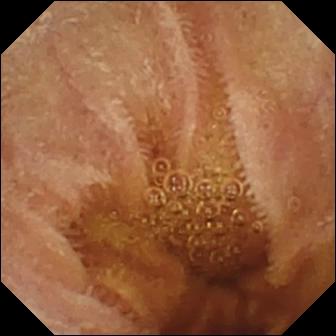Normal clean mucosa — video capsule endoscopy view.